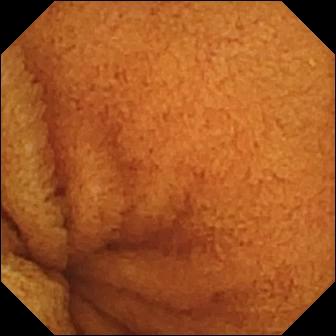Normal clean mucosa.